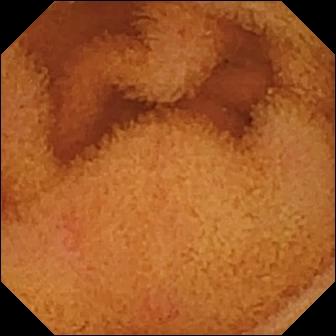Normal clean mucosa — WCE still.